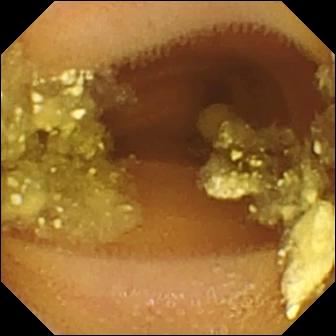This capsule endoscopy view shows lymphangiectasia.